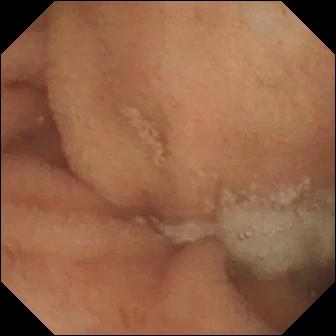This capsule endoscopy snapshot of the small bowel shows normal clean mucosa.